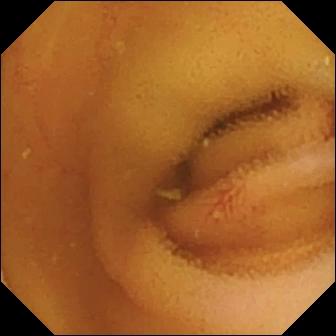Q: What does this WCE view show?
A: Angiectasia.